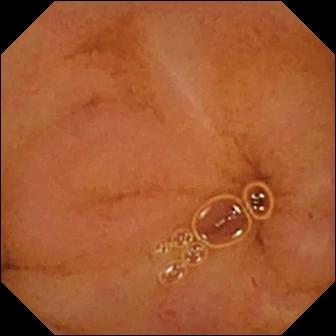Normal clean mucosa — VCE image.